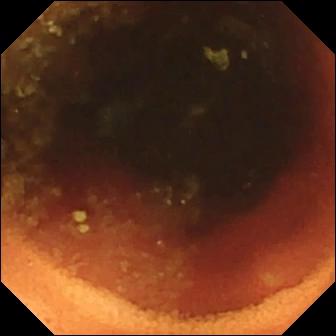Small-bowel capsule endoscopy — ileo-cecal valve region (the transition from the small bowel to the large bowel).